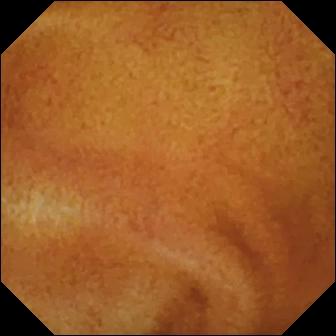VCE frame of the small bowel showing normal clean mucosa.